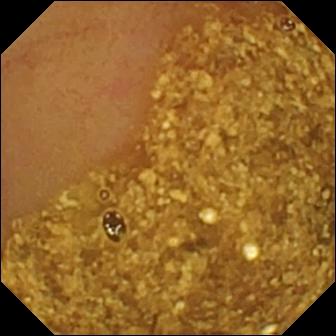This capsule endoscopy snapshot was taken in the ileo-cecal valve region.